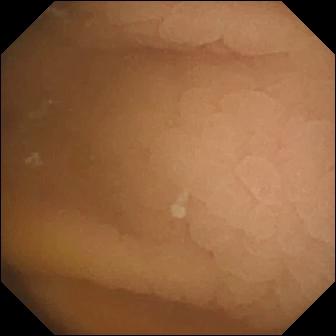Pylorus region (the junction between the stomach and the small bowel).